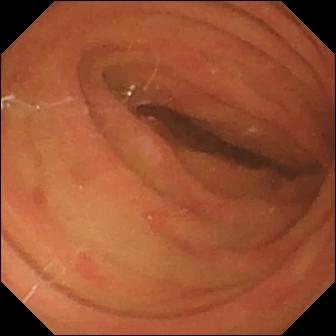{"modality": "video capsule endoscopy", "category": "anatomical landmark", "label": "pylorus region (where the capsule passes from the stomach into the small bowel)"}